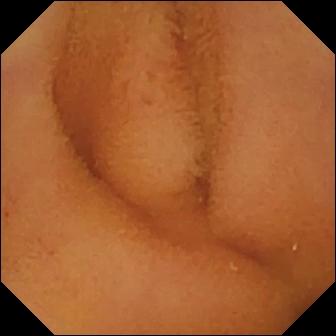Wireless capsule endoscopy frame of the small intestine showing normal clean mucosa.